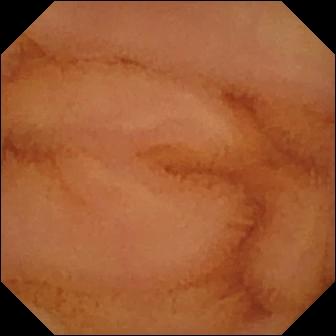Small-bowel capsule endoscopy image showing normal clean mucosa.